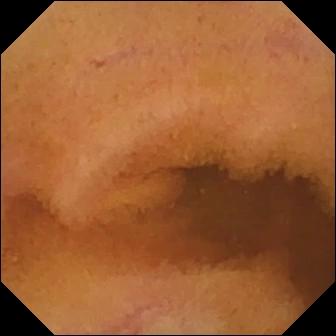Q: What does this VCE frame of the small intestine show?
A: Normal clean mucosa.